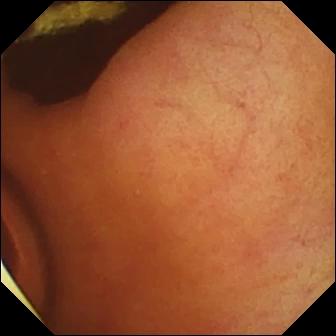Q: What does this wireless capsule endoscopy snapshot show?
A: Foreign body (e.g. retained capsule, tablet residue).